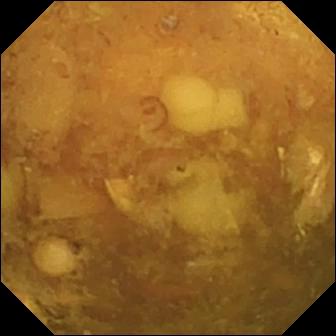Small-bowel capsule endoscopy frame showing reduced mucosal view (content or bubbles obscuring the mucosa).